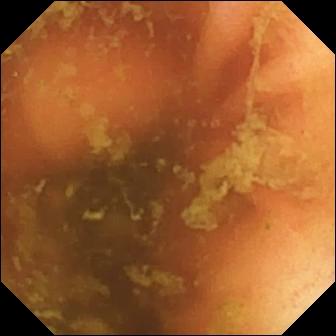Small-bowel capsule endoscopy image
Position: ileo-cecal valve region